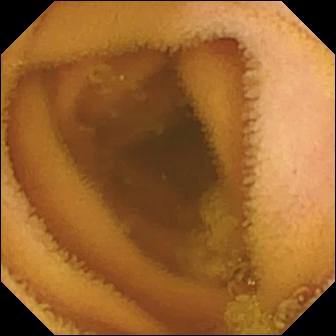modality: WCE
segment: small intestine
category: luminal finding
finding: normal clean mucosa